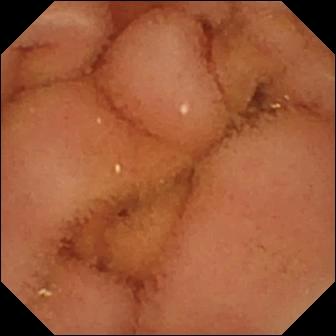Video capsule endoscopy. Luminal finding. Observation: normal clean mucosa.